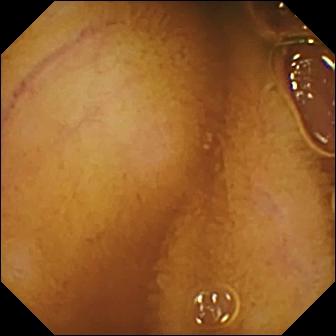- modality: small-bowel capsule endoscopy
- category: luminal finding
- impression: normal clean mucosa